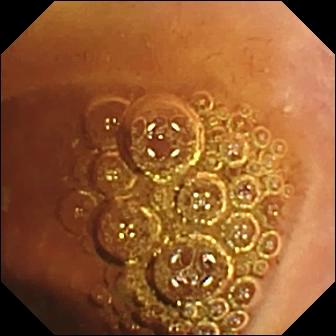Normal clean mucosa (336×336).